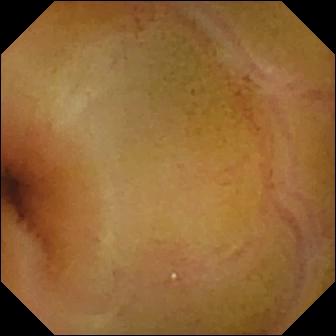modality: video capsule endoscopy; segment: small intestine; label: normal clean mucosa